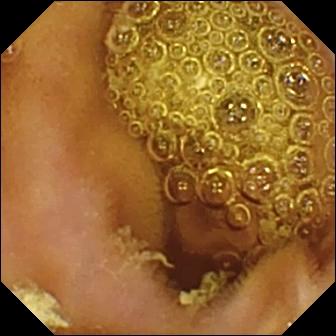Normal clean mucosa — VCE snapshot of the small intestine.